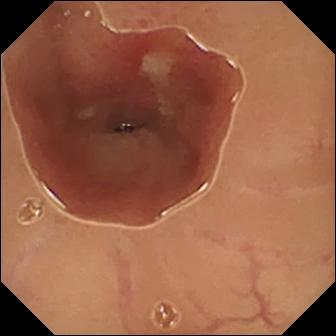- modality: video capsule endoscopy
- impression: ulcer